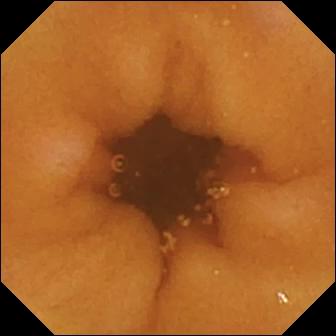modality: wireless capsule endoscopy | observation: normal clean mucosa